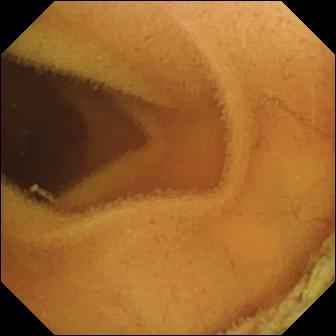Small-bowel capsule endoscopy. Small intestine. Label: normal clean mucosa.